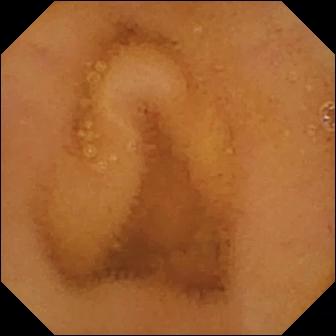This small-bowel capsule endoscopy still of the small intestine shows normal clean mucosa.